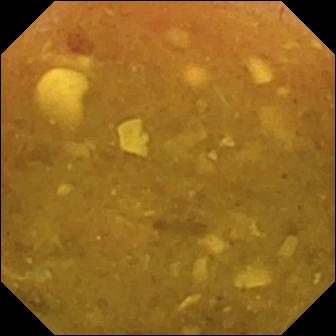- modality: VCE
- segment: small intestine
- category: luminal finding
- observation: reduced mucosal view (content or bubbles obscuring the mucosa)